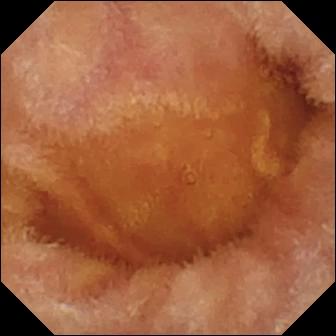WCE snapshot. Normal clean mucosa.